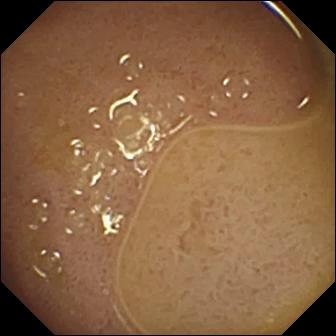This video capsule endoscopy snapshot was taken in the ileo-cecal valve region (where the capsule passes from the small bowel into the large bowel).